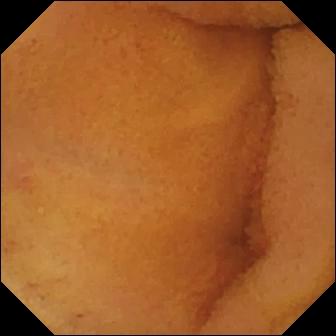PROCEDURE: WCE.
FINDINGS: Normal clean mucosa.